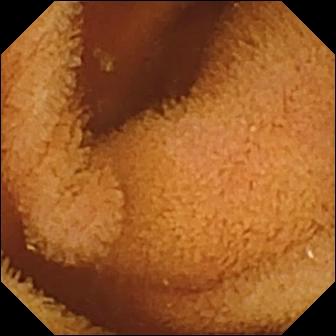VCE image (small intestine), 336×336. Normal clean mucosa.